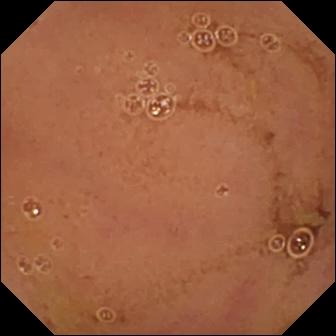Small-bowel capsule endoscopy — normal clean mucosa.